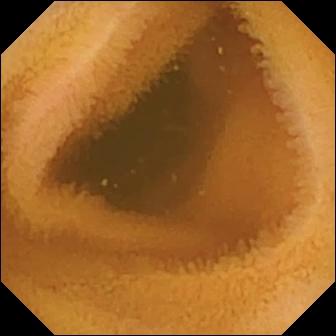- modality: small-bowel capsule endoscopy
- segment: small intestine
- observation: normal clean mucosa